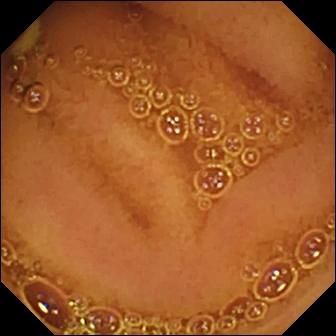Wireless capsule endoscopy. Small intestine. Finding: normal clean mucosa.